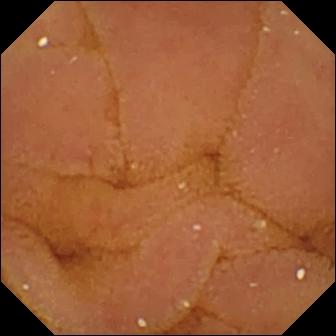WCE frame, small bowel
Label: normal clean mucosa